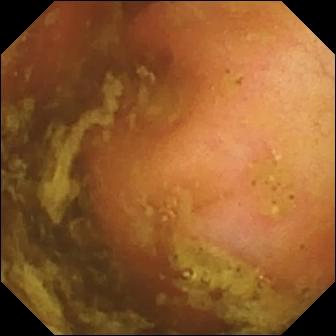PROCEDURE: Capsule endoscopy.
LOCATION: Ileo-cecal valve region.